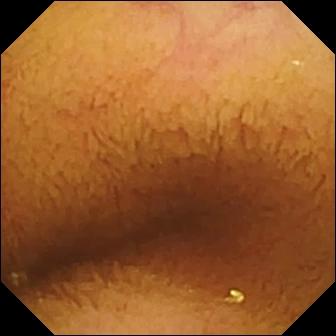PROCEDURE: Small-bowel capsule endoscopy.
FINDINGS: Normal clean mucosa.